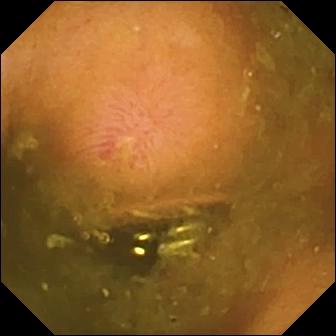WCE still. Erosion.